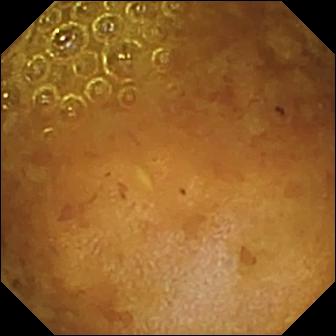Q: What does this capsule endoscopy frame of the small intestine show?
A: Reduced mucosal view (content or bubbles obscuring the mucosa).